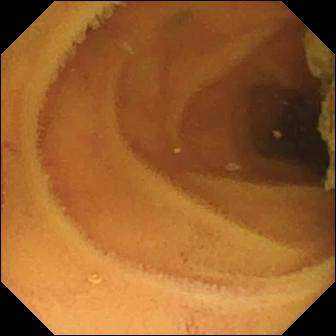Small-bowel capsule endoscopy view
Label: normal clean mucosa